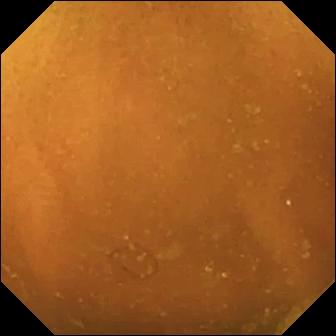Wireless capsule endoscopy still showing normal clean mucosa.